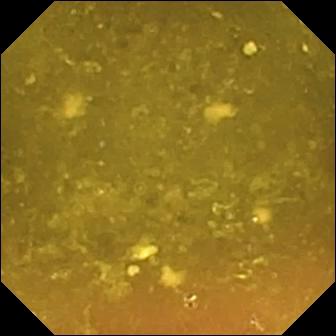This video capsule endoscopy view shows reduced mucosal view (content or bubbles obscuring the mucosa).